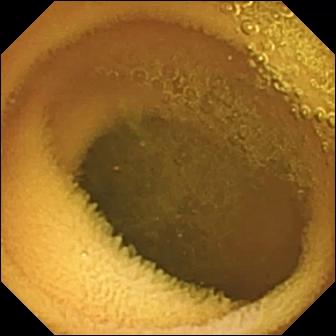Wireless capsule endoscopy view
Observation: normal clean mucosa